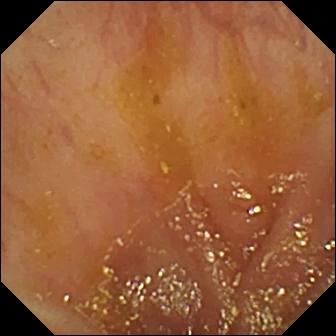- modality: VCE
- category: anatomical landmark
- video segment: ileo-cecal valve region